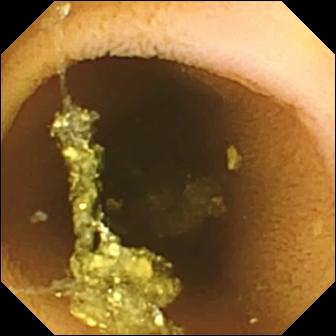PROCEDURE: Wireless capsule endoscopy.
SEGMENT: Small intestine.
FINDINGS: Normal clean mucosa.